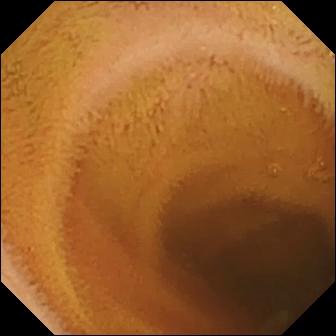VCE image (small bowel). Normal clean mucosa.